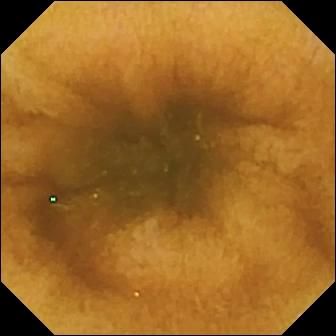- modality: capsule endoscopy
- finding: normal clean mucosa